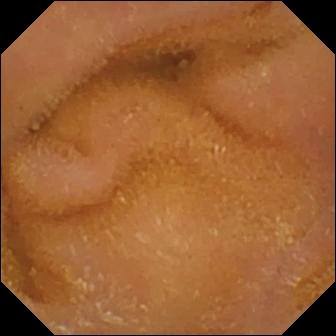modality: WCE
finding: normal clean mucosa